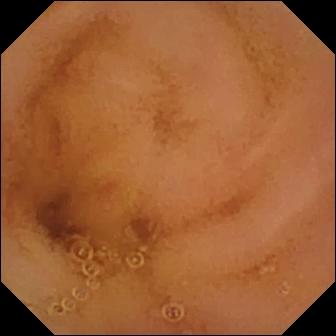Wireless capsule endoscopy view showing normal clean mucosa.